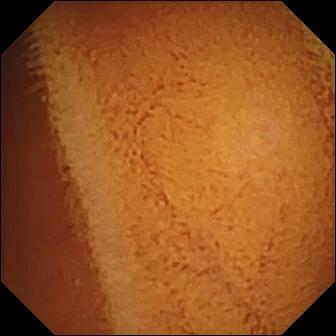modality: video capsule endoscopy | segment: small bowel | finding: normal clean mucosa